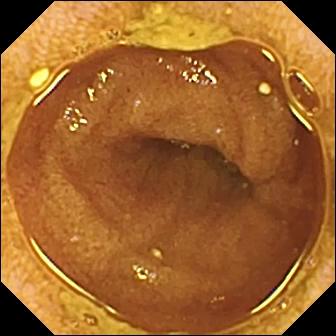Ileo-cecal valve region (the transition from the small bowel to the large bowel).